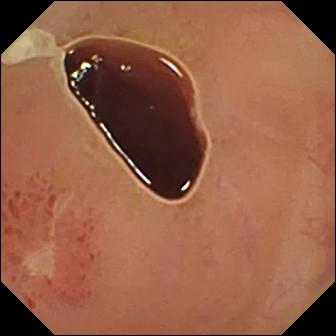This VCE view shows ulcer.